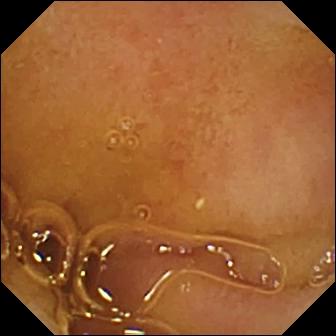PROCEDURE: Wireless capsule endoscopy.
FINDINGS: Normal clean mucosa.